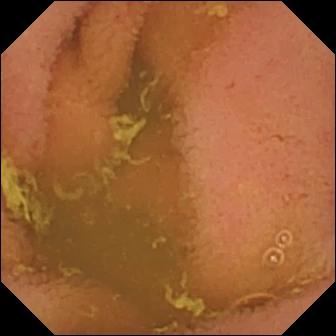Normal clean mucosa (336×336).